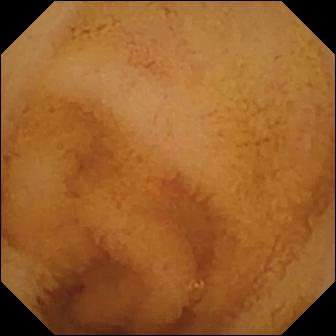This video capsule endoscopy view of the small bowel shows normal clean mucosa.